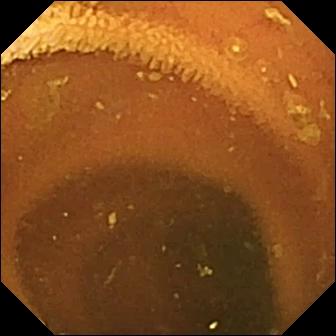Normal clean mucosa — small-bowel capsule endoscopy still.